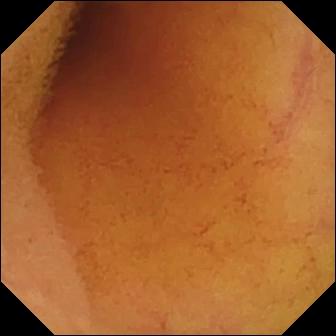Q: What does this small-bowel capsule endoscopy still of the small bowel show?
A: Normal clean mucosa.